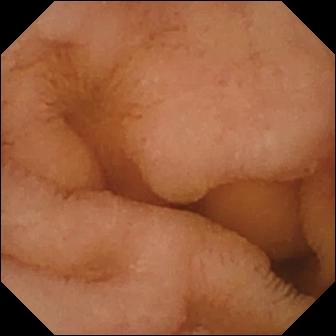PROCEDURE: WCE.
FINDINGS: Normal clean mucosa.